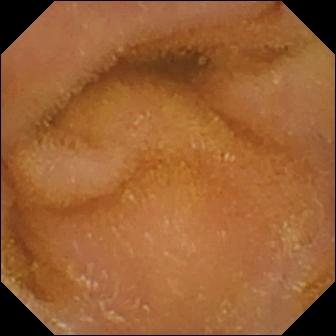Wireless capsule endoscopy frame, small bowel
Observation: normal clean mucosa